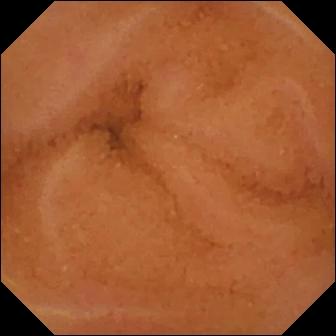- modality: WCE
- observation: normal clean mucosa